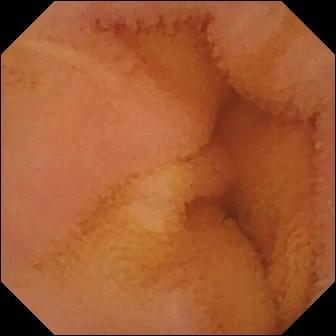Normal clean mucosa (336×336).